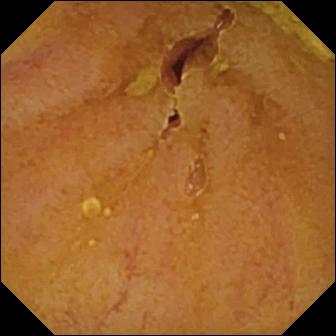Capsule endoscopy — ileo-cecal valve region (where the capsule passes from the small bowel into the large bowel).